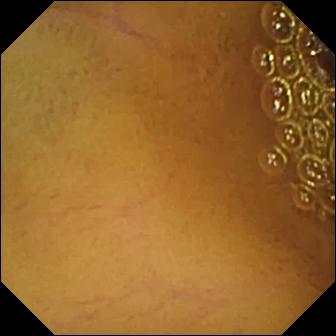Normal clean mucosa — wireless capsule endoscopy snapshot.